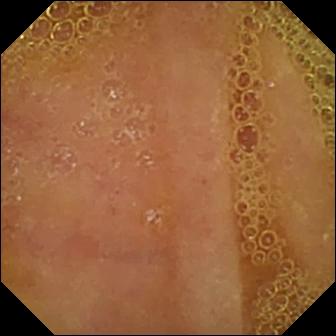modality: small-bowel capsule endoscopy; segment: small intestine; impression: normal clean mucosa